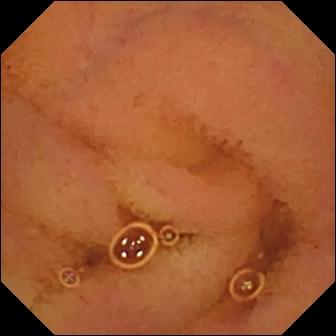Capsule endoscopy — normal clean mucosa.